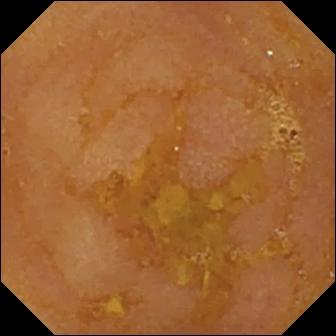{"modality": "video capsule endoscopy", "finding": "reduced mucosal view (content or bubbles obscuring the mucosa)"}